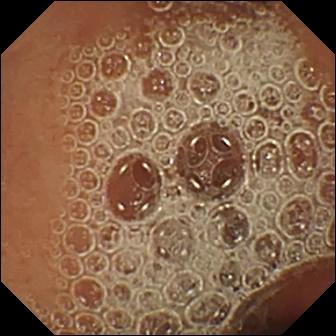{"modality": "capsule endoscopy", "category": "luminal finding", "finding": "normal clean mucosa"}